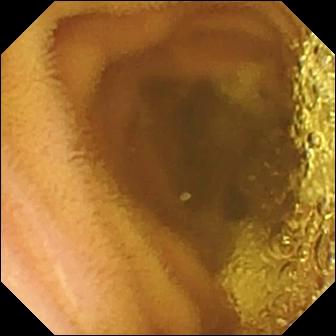Normal clean mucosa — capsule endoscopy frame of the small bowel.